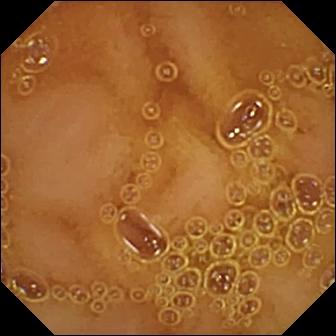WCE still
Impression: normal clean mucosa